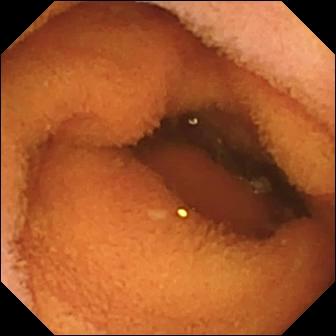Wireless capsule endoscopy still, 336×336. Normal clean mucosa.